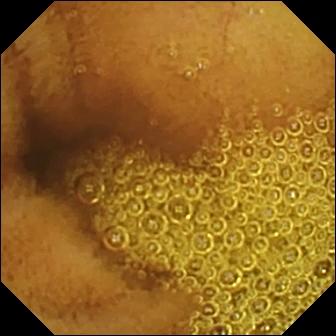PROCEDURE: Video capsule endoscopy.
FINDINGS: Normal clean mucosa.